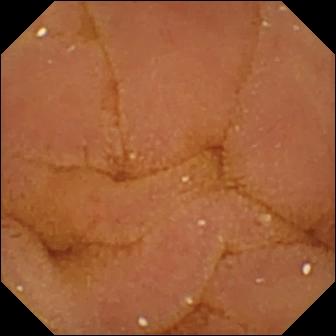modality: VCE | category: luminal finding | observation: normal clean mucosa